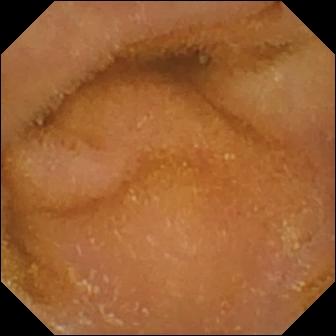Small-bowel capsule endoscopy. Small intestine. Finding: normal clean mucosa.